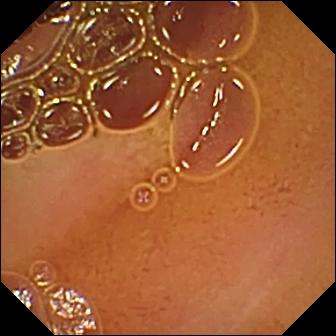Capsule endoscopy — normal clean mucosa.